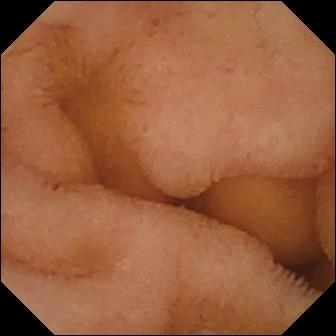VCE — normal clean mucosa.